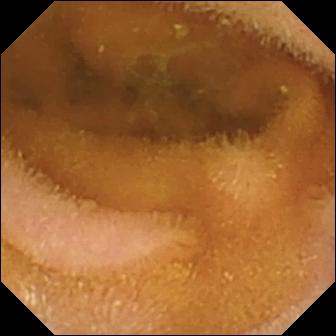- modality: video capsule endoscopy
- segment: small bowel
- impression: normal clean mucosa